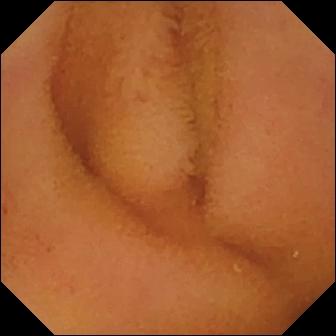modality: WCE; segment: small bowel; impression: normal clean mucosa